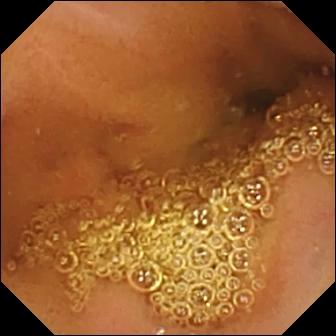Wireless capsule endoscopy — normal clean mucosa.